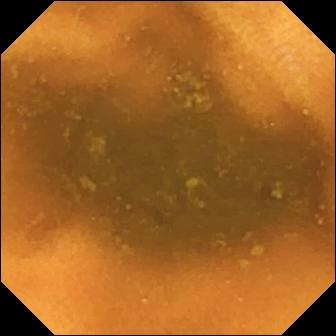PROCEDURE: Capsule endoscopy.
FINDINGS: Normal clean mucosa.